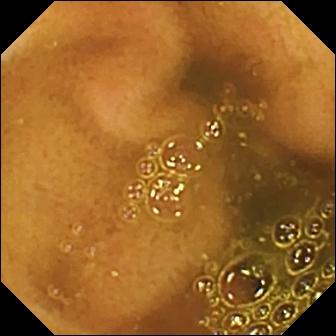{"modality": "WCE", "category": "anatomical landmark", "position": "ileo-cecal valve region"}